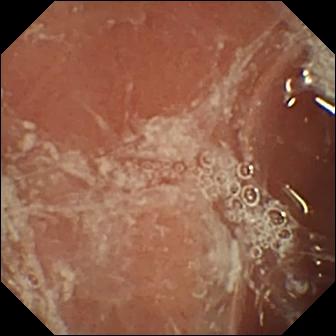{"modality": "wireless capsule endoscopy", "video_segment": "pylorus region"}